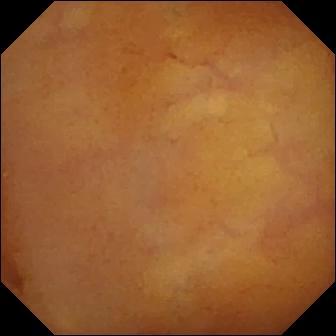Q: What does this small-bowel capsule endoscopy view of the small intestine show?
A: Normal clean mucosa.